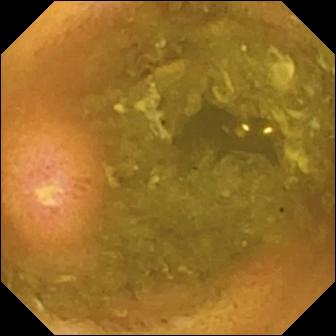Q: What does this VCE frame show?
A: Ulcer.